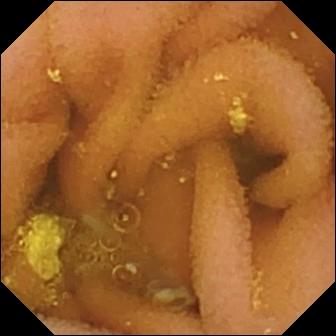This wireless capsule endoscopy image shows lymphangiectasia.